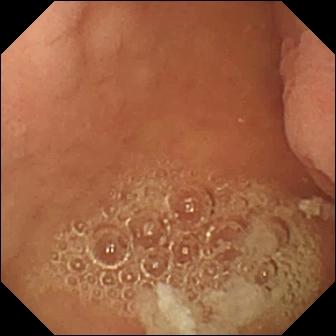Small-bowel capsule endoscopy frame taken in the pylorus region.